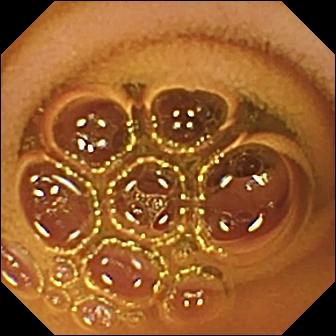WCE — normal clean mucosa.